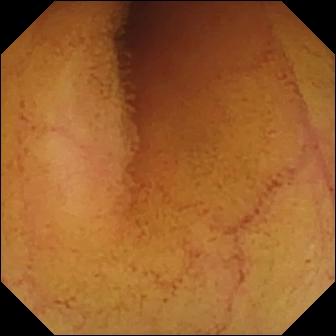Video capsule endoscopy image of the small intestine showing normal clean mucosa.